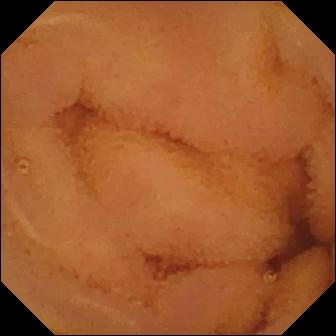PROCEDURE: Wireless capsule endoscopy.
FINDINGS: Normal clean mucosa.